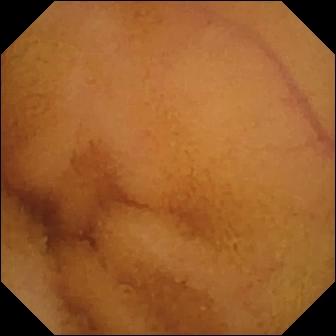Video capsule endoscopy view, small intestine
Observation: normal clean mucosa